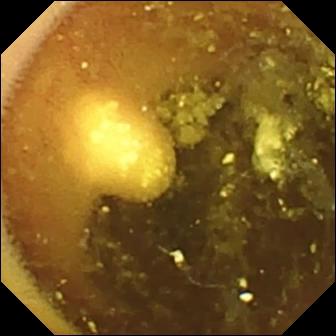VCE. Finding: lymphangiectasia.